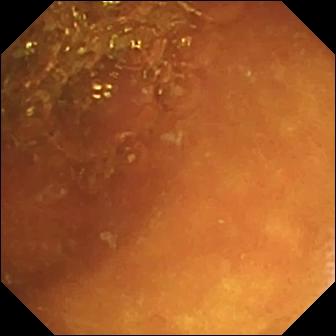Normal clean mucosa.